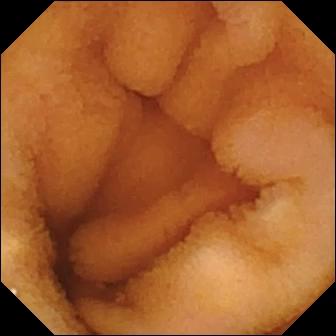Wireless capsule endoscopy image showing normal clean mucosa.